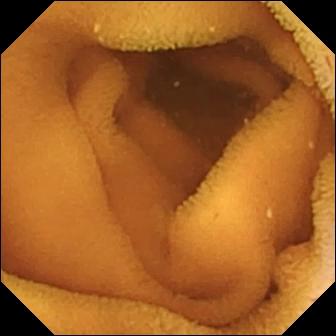Q: What does this capsule endoscopy snapshot show?
A: Normal clean mucosa.